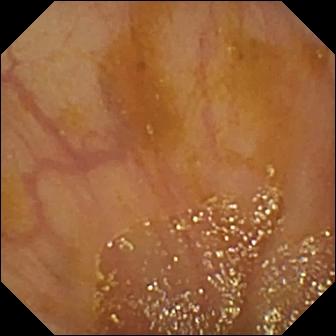Ileo-cecal valve region (the transition from the small bowel to the large bowel) — small-bowel capsule endoscopy snapshot.